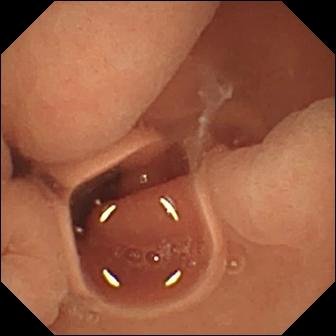{"modality": "VCE", "category": "luminal finding", "finding": "normal clean mucosa"}